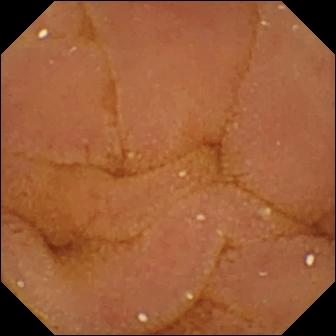- modality: video capsule endoscopy
- segment: small intestine
- category: luminal finding
- impression: normal clean mucosa